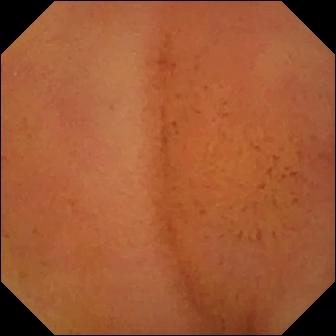- modality: WCE
- label: normal clean mucosa